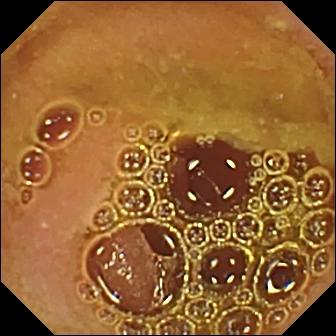{"modality": "VCE", "segment": "small intestine", "finding": "normal clean mucosa"}